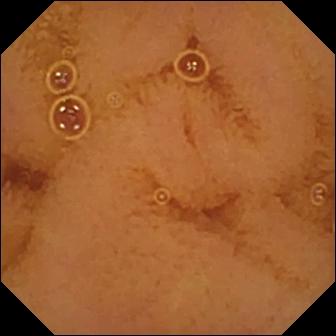modality: capsule endoscopy
category: luminal finding
observation: normal clean mucosa